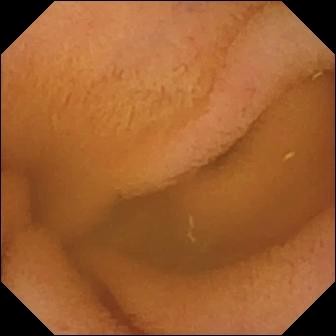This VCE frame shows normal clean mucosa.